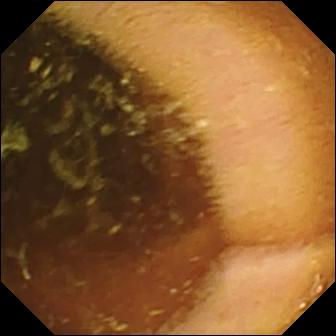PROCEDURE: WCE.
SEGMENT: Small bowel.
FINDINGS: Normal clean mucosa.